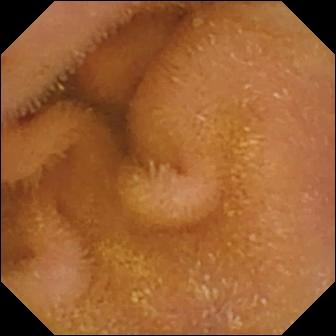- modality: capsule endoscopy
- impression: normal clean mucosa